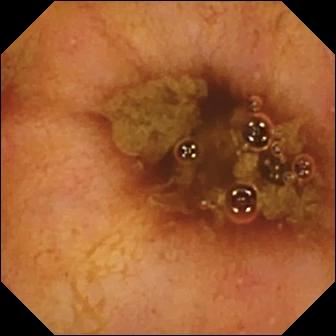This WCE frame was taken in the ileo-cecal valve region (where the capsule passes from the small bowel into the large bowel).